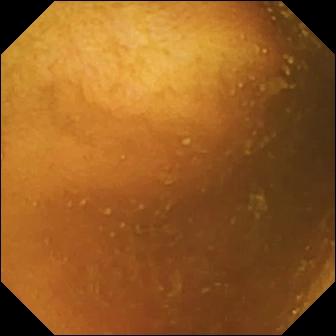This wireless capsule endoscopy image shows normal clean mucosa.